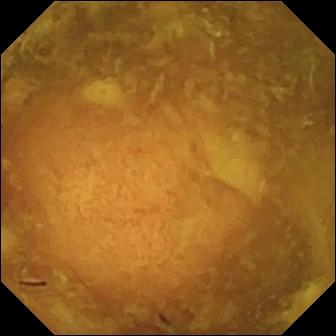WCE. Small intestine. Observation: reduced mucosal view (content or bubbles obscuring the mucosa).